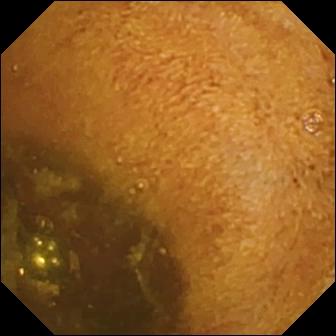Wireless capsule endoscopy. Label: foreign body (e.g. retained capsule, tablet residue).